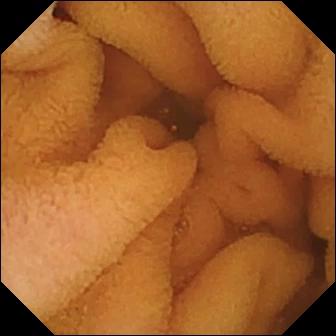Capsule endoscopy still of the small bowel showing normal clean mucosa.